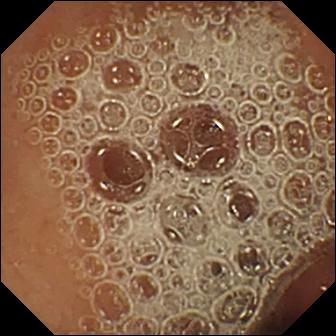Wireless capsule endoscopy image
Observation: normal clean mucosa